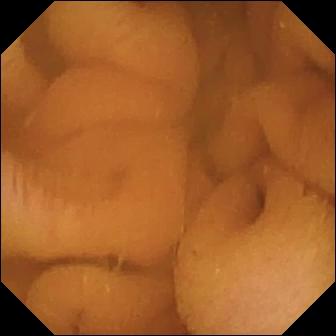This VCE frame shows normal clean mucosa.